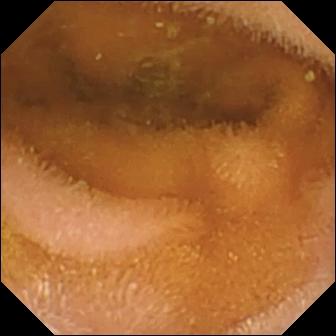Video capsule endoscopy still. Normal clean mucosa.